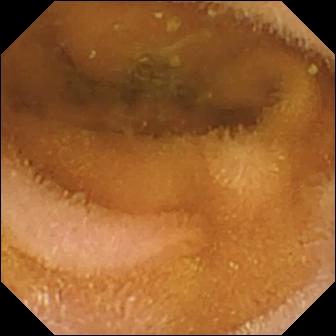{"modality": "VCE", "segment": "small bowel", "finding": "normal clean mucosa"}